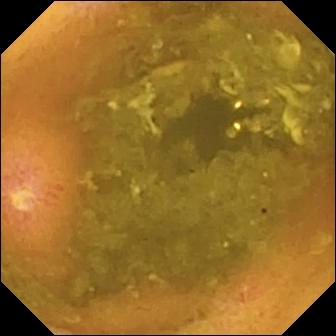PROCEDURE: VCE.
FINDINGS: Ulcer.